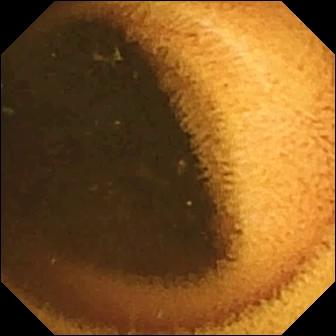Q: What does this WCE still of the small bowel show?
A: Normal clean mucosa.